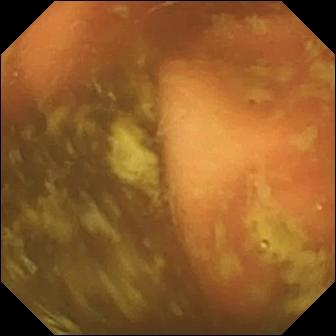- modality: WCE
- video segment: ileo-cecal valve region (the transition from the small bowel to the large bowel)